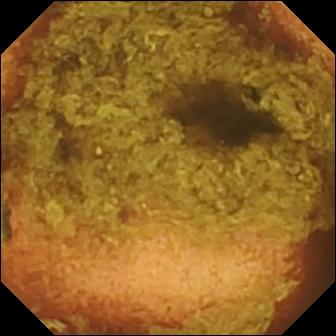PROCEDURE: VCE.
SEGMENT: Small intestine.
FINDINGS: Normal clean mucosa.